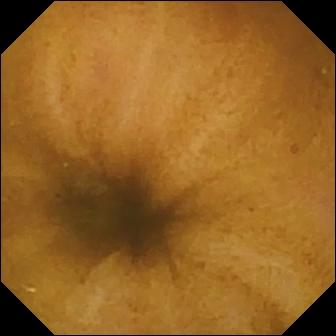WCE — normal clean mucosa.